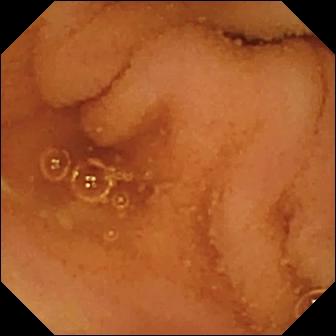Capsule endoscopy image (small intestine). Normal clean mucosa.